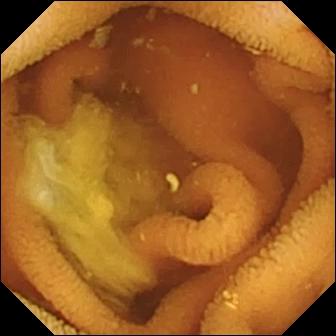This video capsule endoscopy frame shows normal clean mucosa.